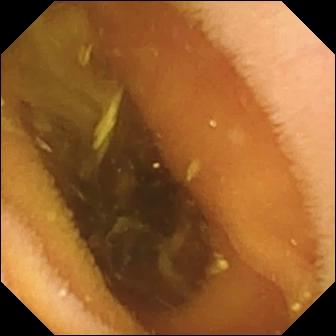VCE still. Taken in the pylorus region (the junction between the stomach and the small bowel).